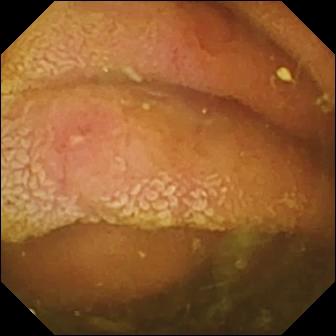Video capsule endoscopy still
Finding: erosion